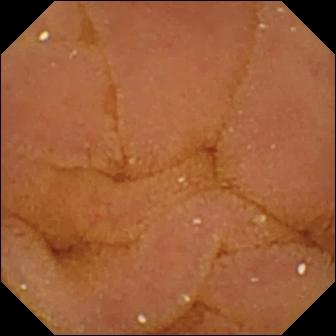Capsule endoscopy frame of the small intestine showing normal clean mucosa.